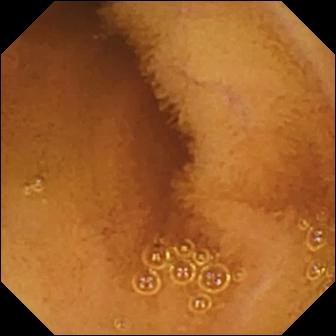{"modality": "capsule endoscopy", "segment": "small intestine", "category": "luminal finding", "finding": "normal clean mucosa"}